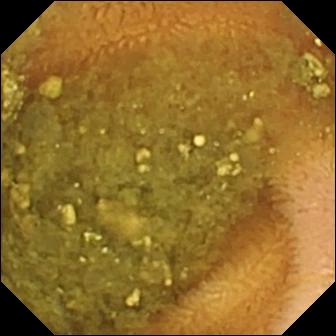modality: WCE | category: luminal finding | label: reduced mucosal view (content or bubbles obscuring the mucosa)